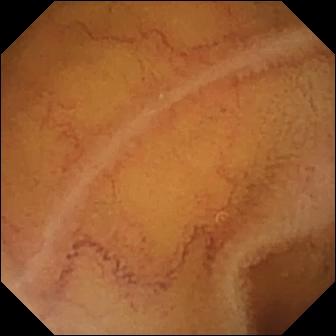Small-bowel capsule endoscopy snapshot, small intestine
Label: normal clean mucosa